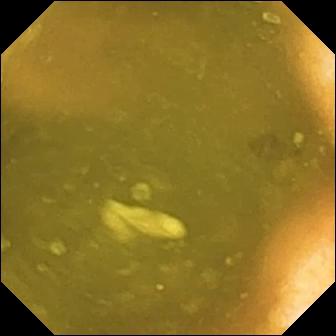Q: Where in the digestive tract was this small-bowel capsule endoscopy image taken?
A: Ileo-cecal valve region (where the capsule passes from the small bowel into the large bowel).